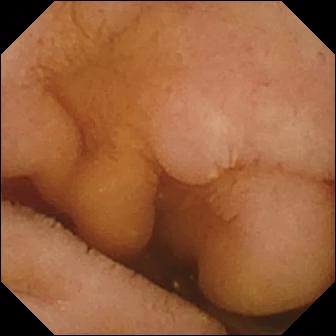This WCE snapshot of the small bowel shows normal clean mucosa.